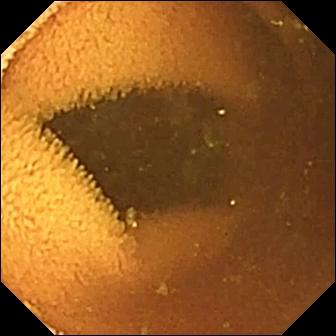Wireless capsule endoscopy. Label: normal clean mucosa.